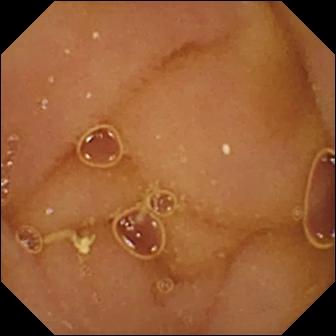This WCE image shows normal clean mucosa.